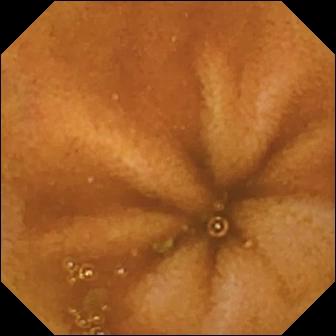This capsule endoscopy snapshot shows normal clean mucosa.